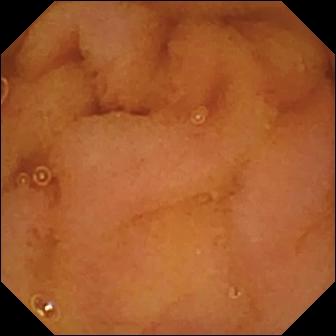PROCEDURE: Wireless capsule endoscopy.
FINDINGS: Normal clean mucosa.